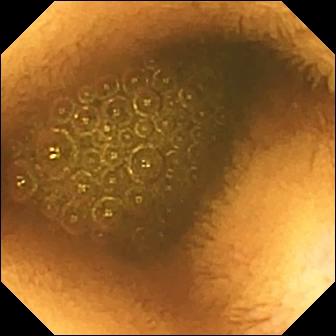This WCE view shows reduced mucosal view (content or bubbles obscuring the mucosa).